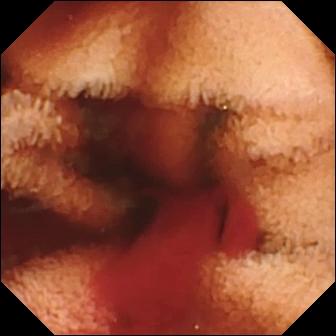Fresh blood in the lumen.